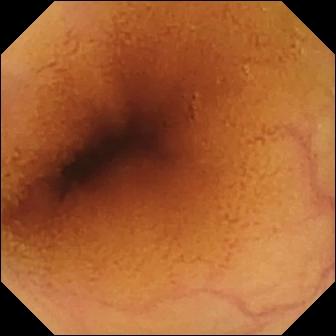Video capsule endoscopy frame, 336×336. Normal clean mucosa.